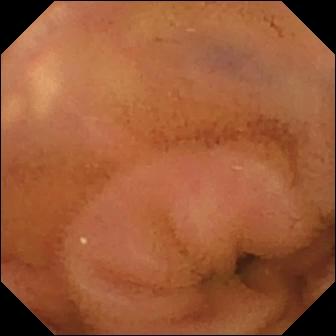{"modality": "VCE", "finding": "normal clean mucosa"}